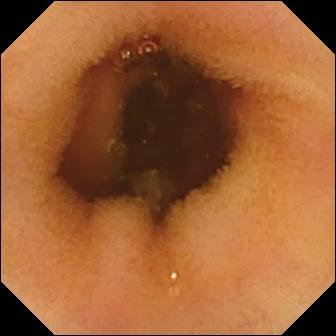Capsule endoscopy snapshot of the small bowel showing normal clean mucosa.